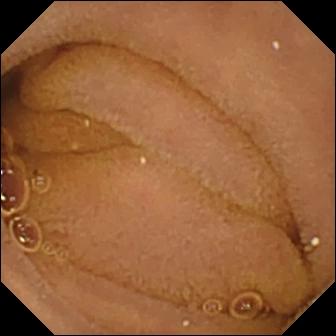Normal clean mucosa — video capsule endoscopy frame.